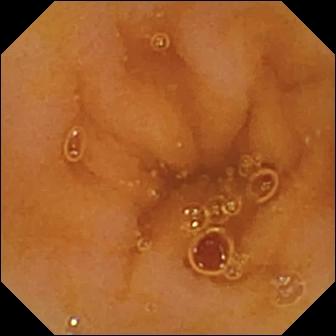{"modality": "capsule endoscopy", "finding": "normal clean mucosa"}